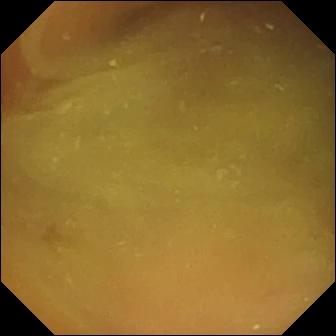This video capsule endoscopy view shows normal clean mucosa.